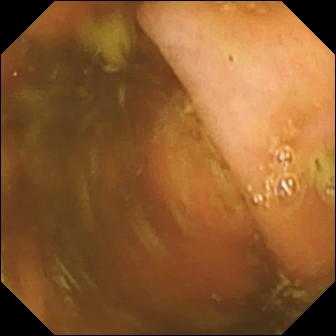WCE snapshot
Video segment: ileo-cecal valve region (where the capsule passes from the small bowel into the large bowel)